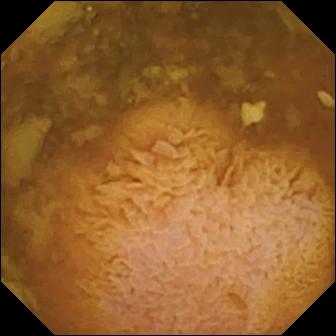- modality: small-bowel capsule endoscopy
- segment: small bowel
- observation: reduced mucosal view (content or bubbles obscuring the mucosa)